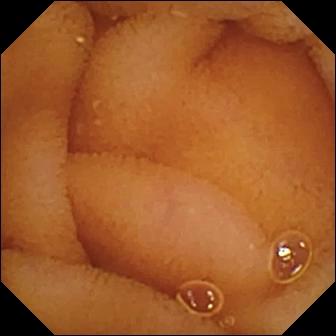Normal clean mucosa — VCE snapshot of the small intestine.